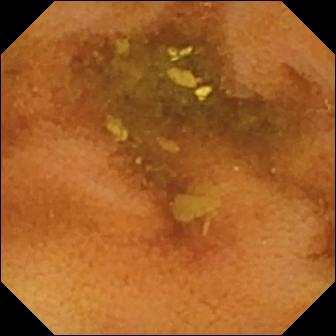VCE. Finding: normal clean mucosa.